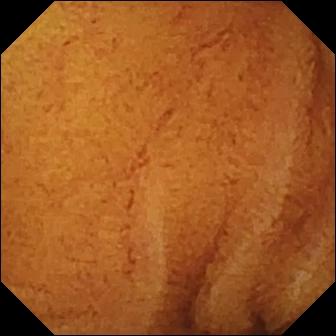PROCEDURE: Small-bowel capsule endoscopy.
SEGMENT: Small bowel.
FINDINGS: Normal clean mucosa.